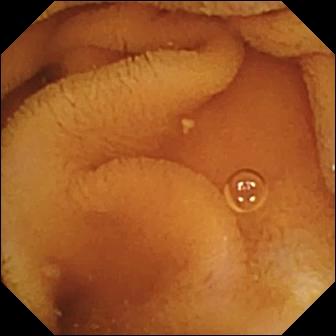VCE snapshot (small intestine). Normal clean mucosa.